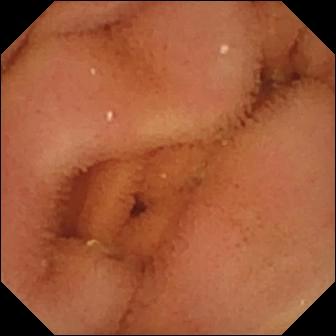This WCE still of the small intestine shows normal clean mucosa.